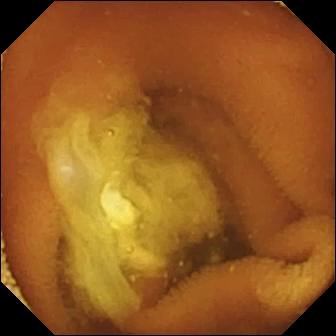Normal clean mucosa — wireless capsule endoscopy image.